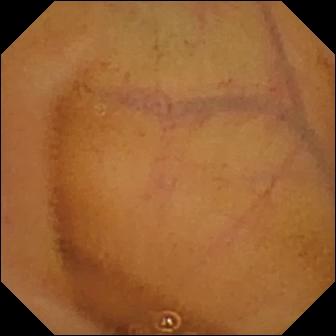Video capsule endoscopy view of the small intestine showing normal clean mucosa.